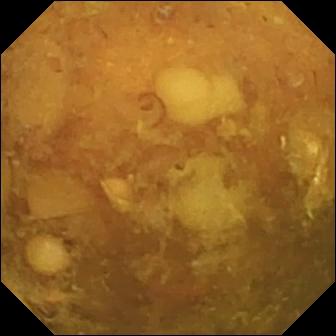Q: What does this small-bowel capsule endoscopy still show?
A: Reduced mucosal view (content or bubbles obscuring the mucosa).